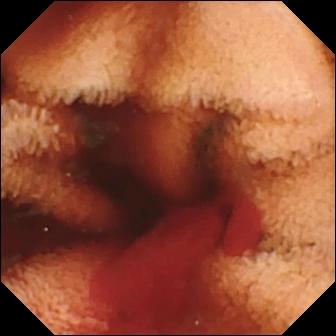modality: wireless capsule endoscopy; impression: fresh blood in the lumen